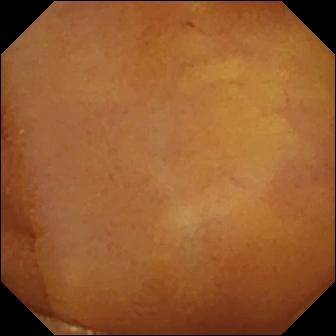Wireless capsule endoscopy — normal clean mucosa.